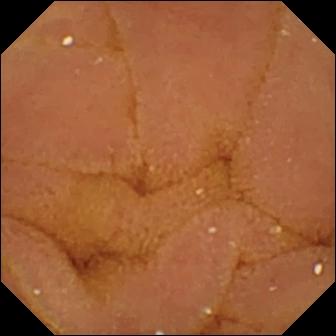This WCE view of the small intestine shows normal clean mucosa.